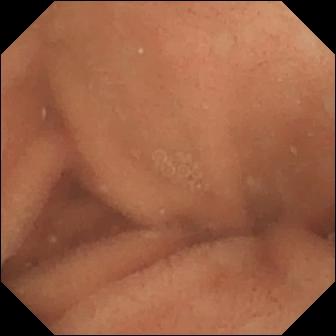PROCEDURE: Wireless capsule endoscopy.
FINDINGS: Normal clean mucosa.